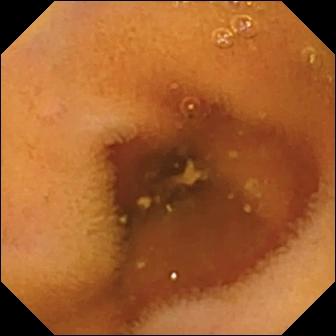Normal clean mucosa (336×336).